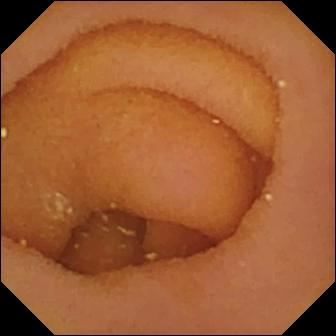This small-bowel capsule endoscopy image was taken in the pylorus region (where the capsule passes from the stomach into the small bowel).